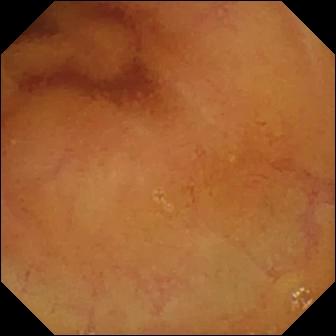modality: video capsule endoscopy; segment: small bowel; category: luminal finding; label: normal clean mucosa